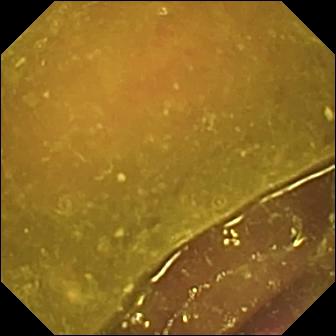Capsule endoscopy — reduced mucosal view (content or bubbles obscuring the mucosa).